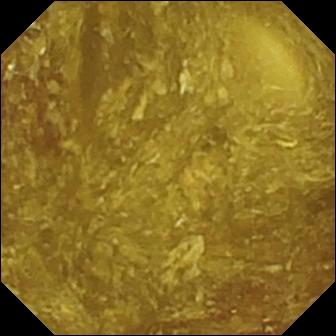PROCEDURE: Capsule endoscopy.
FINDINGS: Reduced mucosal view (content or bubbles obscuring the mucosa).